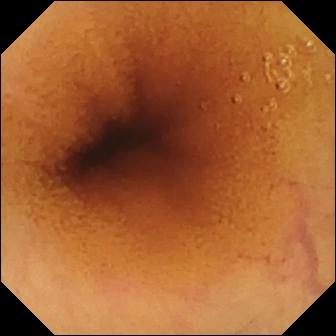Capsule endoscopy. Small bowel. Label: normal clean mucosa.